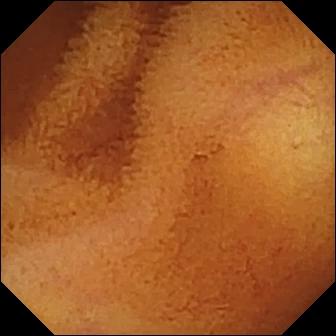VCE view, small bowel
Observation: normal clean mucosa